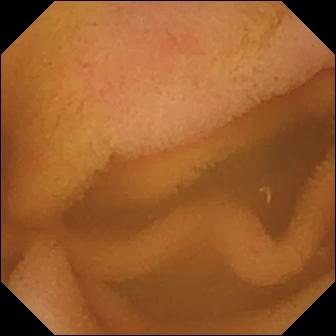Video capsule endoscopy — normal clean mucosa.